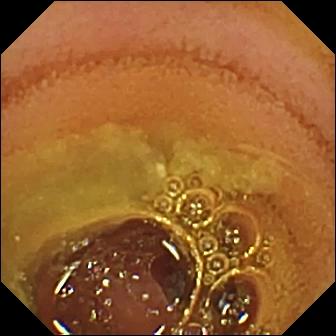Small-bowel capsule endoscopy snapshot (small intestine). Normal clean mucosa.